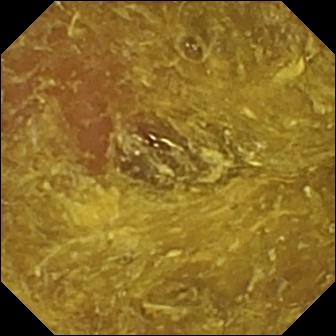This VCE snapshot shows reduced mucosal view (content or bubbles obscuring the mucosa).